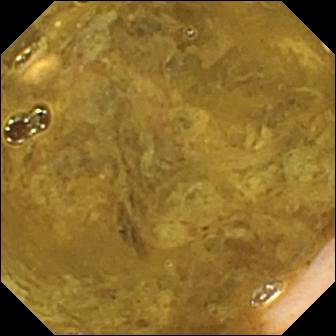Video capsule endoscopy — ileo-cecal valve region.